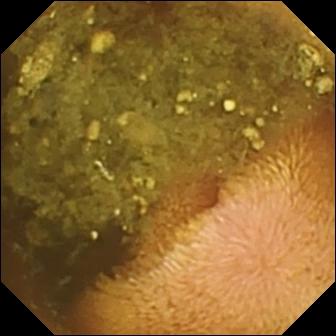Capsule endoscopy. Small intestine. Label: reduced mucosal view (content or bubbles obscuring the mucosa).